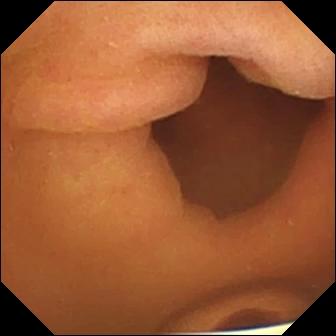{"modality": "video capsule endoscopy", "finding": "foreign body (e.g. retained capsule, tablet residue)"}